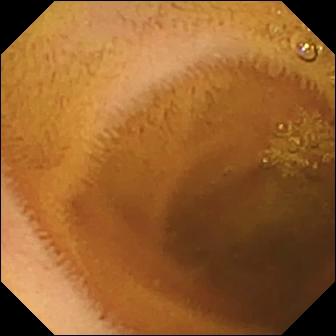{"modality": "video capsule endoscopy", "finding": "normal clean mucosa"}